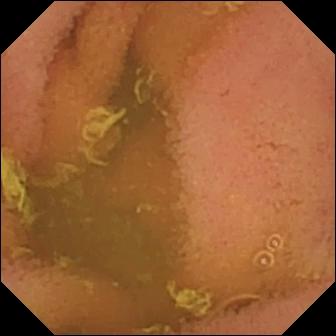Normal clean mucosa — WCE still of the small bowel.